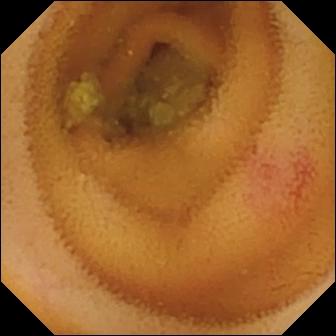Capsule endoscopy — angiectasia.